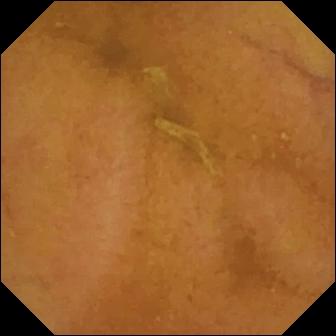Video capsule endoscopy — normal clean mucosa.